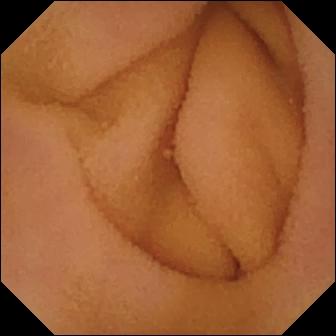modality: WCE | category: luminal finding | label: normal clean mucosa